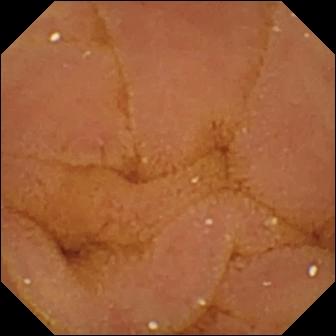VCE still showing normal clean mucosa.